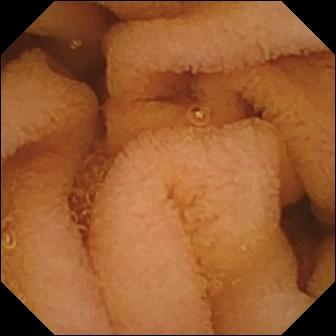Video capsule endoscopy still of the small bowel showing normal clean mucosa.